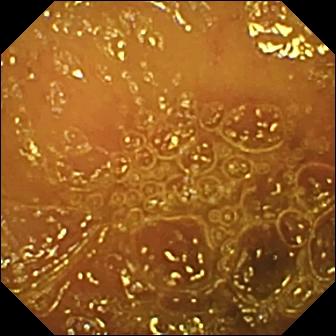Normal clean mucosa — wireless capsule endoscopy frame of the small bowel.